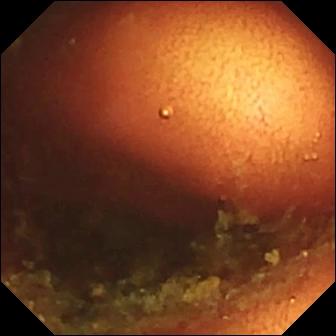Small-bowel capsule endoscopy — ileo-cecal valve region (where the capsule passes from the small bowel into the large bowel).